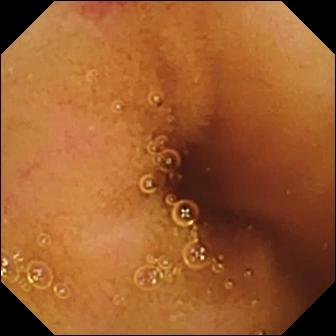WCE frame. Angiectasia.